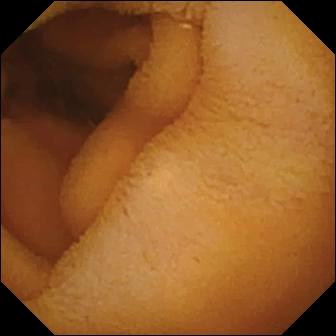- modality: VCE
- segment: small bowel
- observation: normal clean mucosa